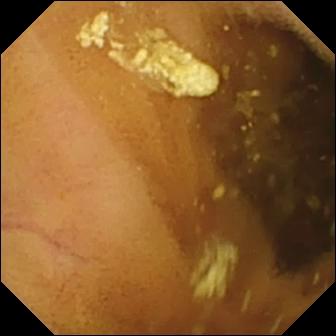Video capsule endoscopy. Finding: lymphangiectasia.